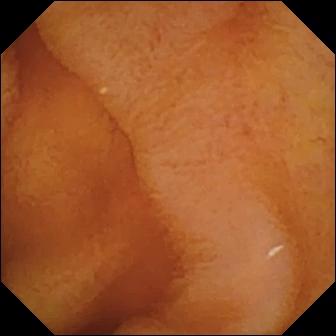{"modality": "capsule endoscopy", "finding": "normal clean mucosa"}